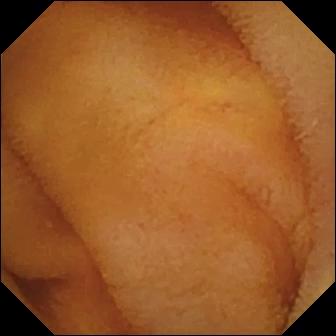{"modality": "small-bowel capsule endoscopy", "segment": "small intestine", "finding": "normal clean mucosa"}